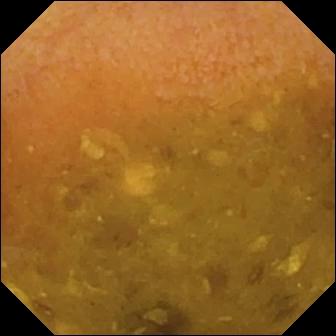Reduced mucosal view (content or bubbles obscuring the mucosa) (336×336).